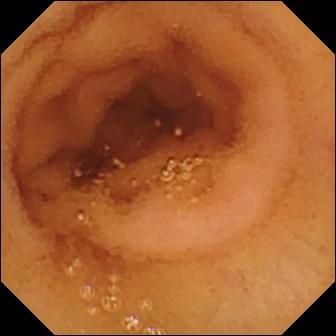Wireless capsule endoscopy snapshot showing normal clean mucosa.